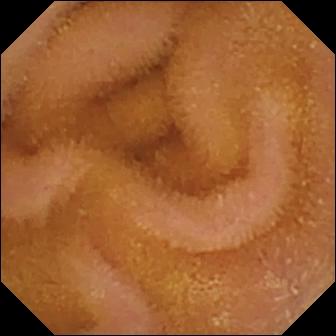This VCE image shows normal clean mucosa.